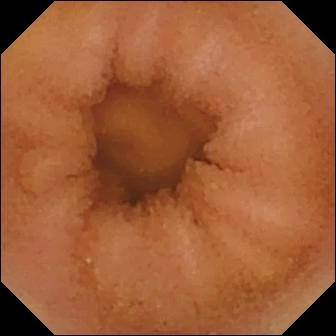Normal clean mucosa — small-bowel capsule endoscopy frame of the small bowel.